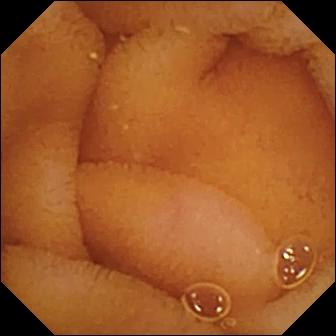modality: VCE
segment: small bowel
finding: normal clean mucosa